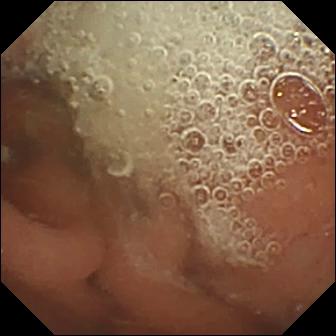Normal clean mucosa.